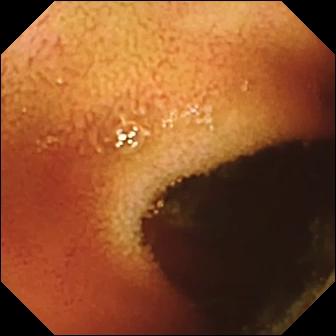Q: Where in the digestive tract was this wireless capsule endoscopy image taken?
A: Ileo-cecal valve region (where the capsule passes from the small bowel into the large bowel).